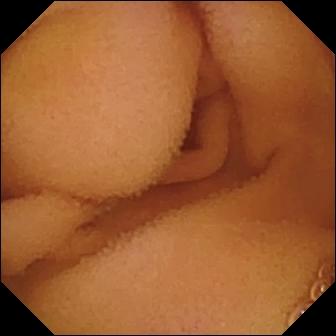Normal clean mucosa — capsule endoscopy image.